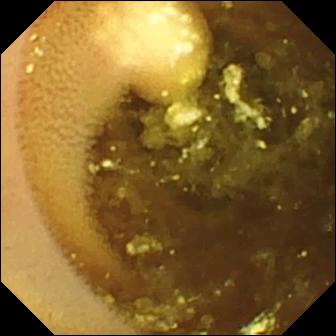Wireless capsule endoscopy still showing lymphangiectasia.